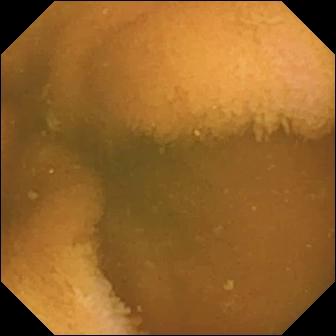This WCE frame of the small bowel shows normal clean mucosa.